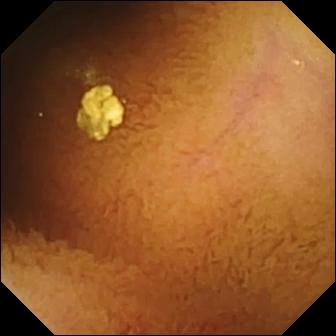Normal clean mucosa.